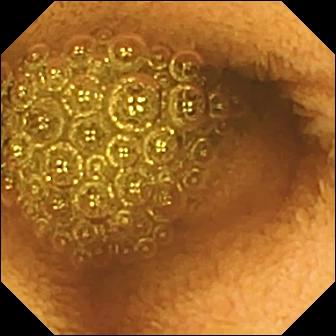Capsule endoscopy view, 336×336. Reduced mucosal view (content or bubbles obscuring the mucosa).